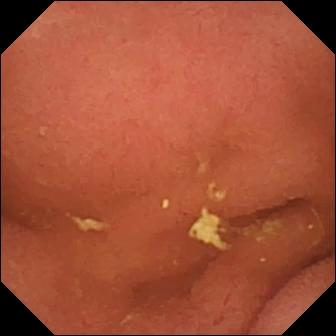modality: VCE
label: pylorus region